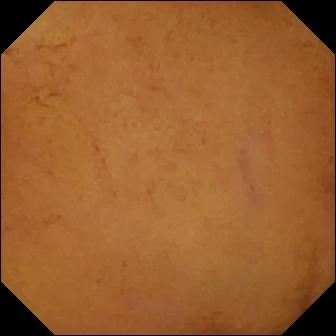WCE view (small bowel). Normal clean mucosa.